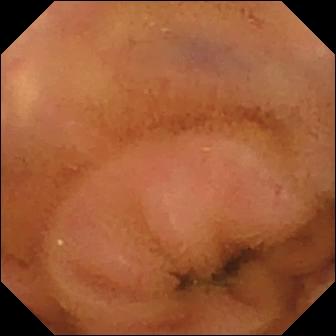Capsule endoscopy snapshot showing normal clean mucosa.